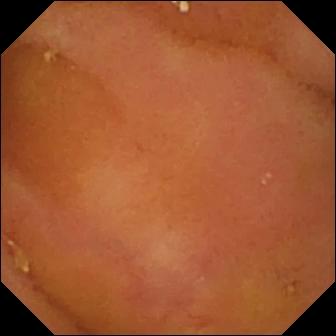Normal clean mucosa — VCE view of the small bowel.